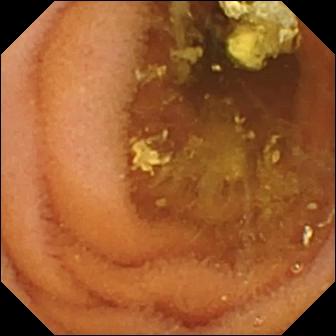Small-bowel capsule endoscopy still, small bowel
Label: normal clean mucosa